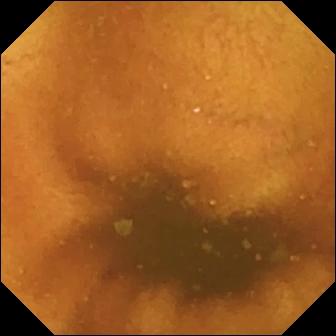VCE image. Normal clean mucosa.